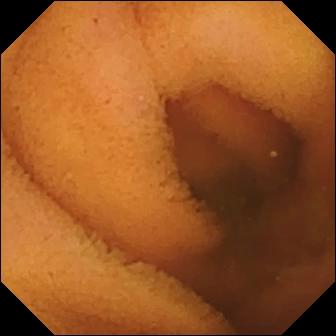Capsule endoscopy still, small bowel
Finding: normal clean mucosa